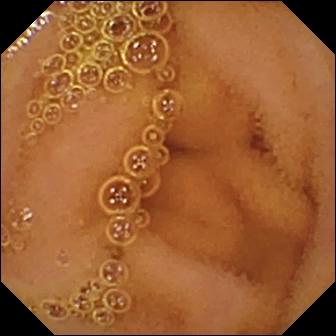- modality: capsule endoscopy
- segment: small bowel
- observation: normal clean mucosa